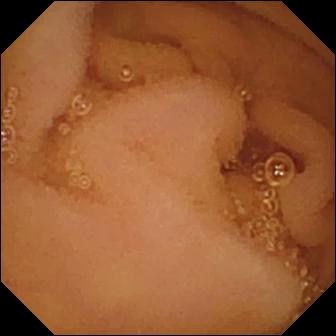modality: VCE
segment: small intestine
label: normal clean mucosa